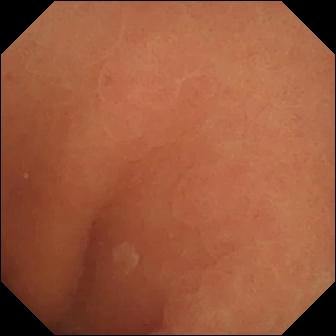Q: What does this video capsule endoscopy snapshot show?
A: Normal clean mucosa.